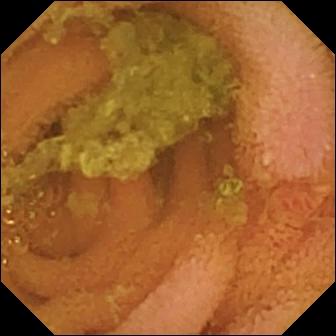Q: What does this small-bowel capsule endoscopy still of the small intestine show?
A: Normal clean mucosa.